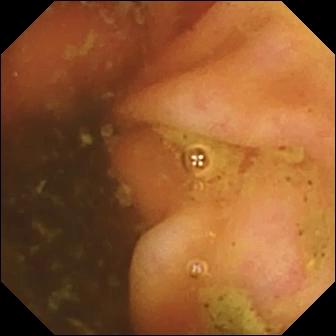Ileo-cecal valve region (where the capsule passes from the small bowel into the large bowel) — VCE view.